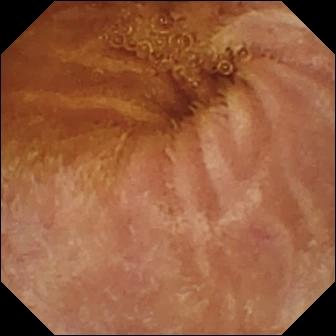Wireless capsule endoscopy still (small intestine), 336×336. Normal clean mucosa.